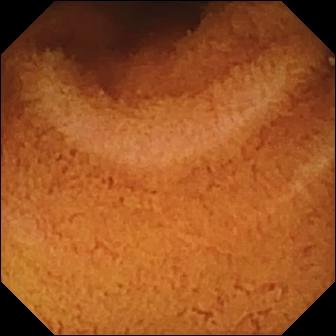Q: What does this small-bowel capsule endoscopy frame show?
A: Normal clean mucosa.